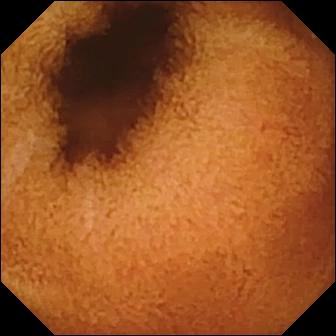Capsule endoscopy. Small intestine. Impression: normal clean mucosa.